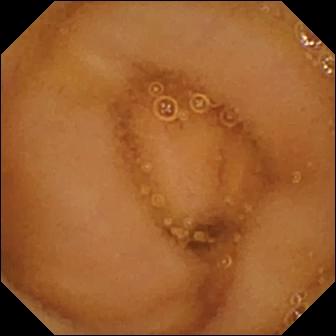Capsule endoscopy — normal clean mucosa.